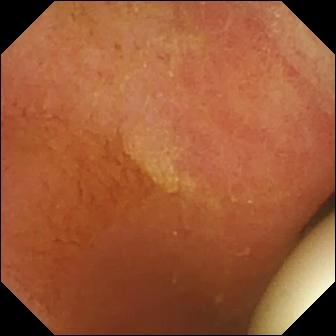{"modality": "capsule endoscopy", "finding": "foreign body (e.g. retained capsule, tablet residue)"}